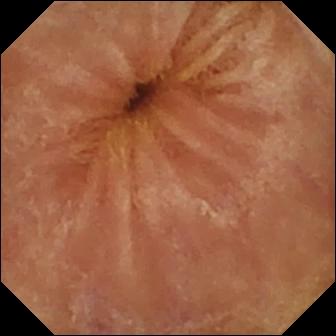Video capsule endoscopy image. Normal clean mucosa.